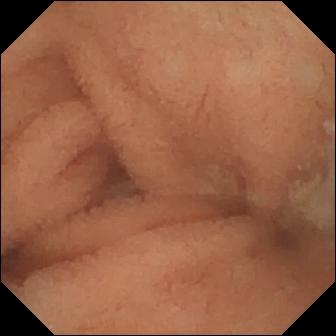Capsule endoscopy. Small intestine. Impression: normal clean mucosa.